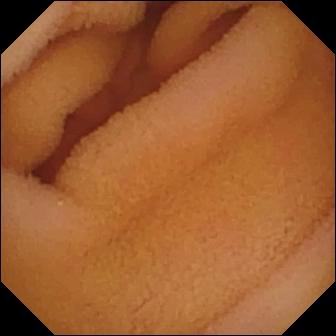Small-bowel capsule endoscopy still, small bowel
Label: normal clean mucosa